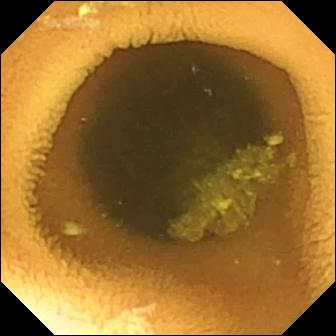Normal clean mucosa.